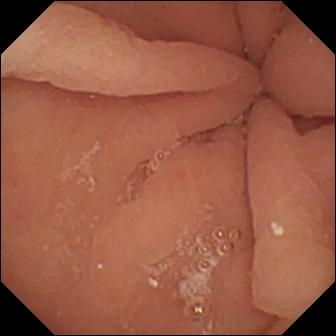modality: capsule endoscopy; category: anatomical landmark; video segment: pylorus region